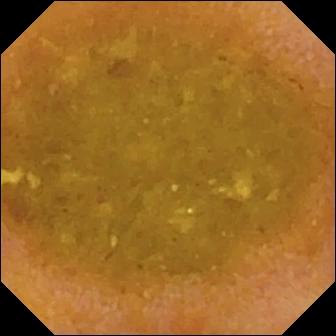Wireless capsule endoscopy snapshot showing reduced mucosal view (content or bubbles obscuring the mucosa).